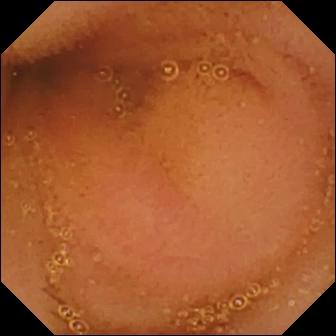{"modality": "wireless capsule endoscopy", "finding": "normal clean mucosa"}